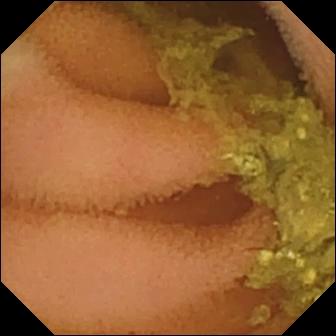Normal clean mucosa — WCE view of the small bowel.